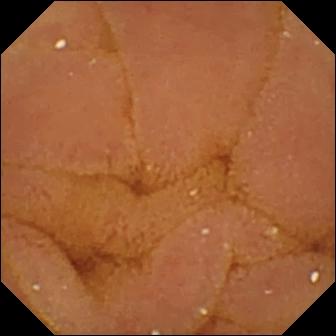Small-bowel capsule endoscopy still, small bowel
Impression: normal clean mucosa